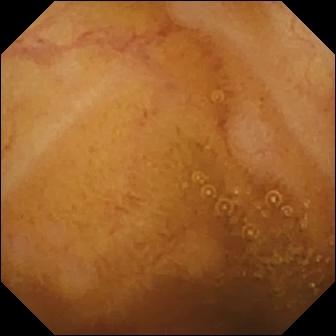WCE frame
Finding: normal clean mucosa